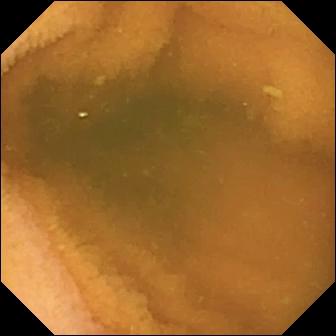PROCEDURE: Capsule endoscopy.
FINDINGS: Normal clean mucosa.